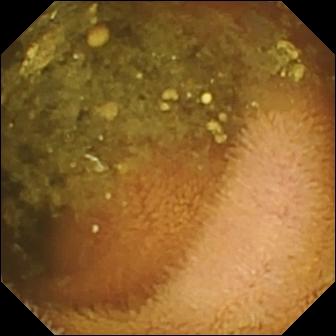PROCEDURE: Wireless capsule endoscopy.
SEGMENT: Small intestine.
FINDINGS: Reduced mucosal view (content or bubbles obscuring the mucosa).